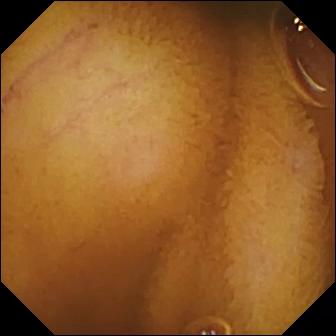This capsule endoscopy snapshot shows normal clean mucosa.